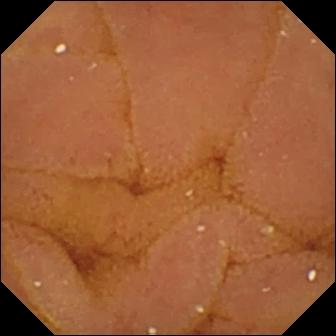Normal clean mucosa.